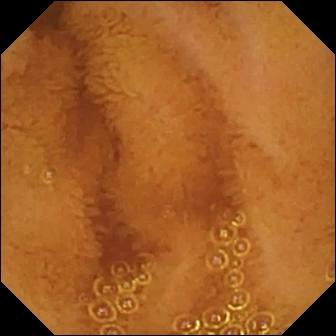Small-bowel capsule endoscopy image showing normal clean mucosa.